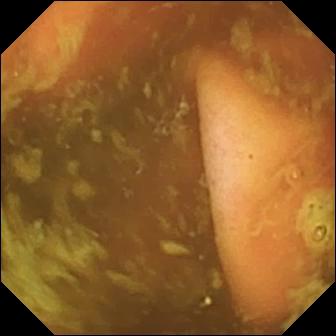This capsule endoscopy view was taken in the ileo-cecal valve region.